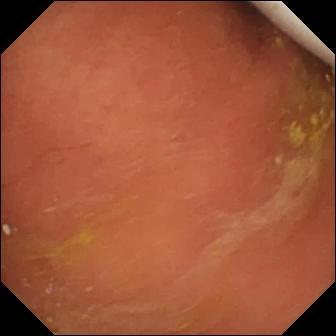This wireless capsule endoscopy frame shows foreign body (e.g. retained capsule, tablet residue).